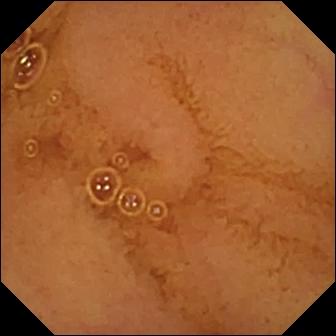Small-bowel capsule endoscopy. Impression: normal clean mucosa.